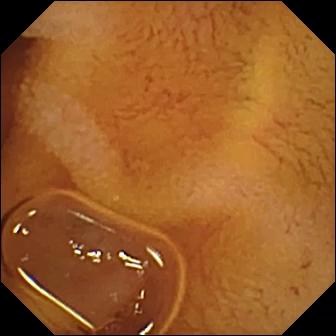Capsule endoscopy still
Observation: normal clean mucosa